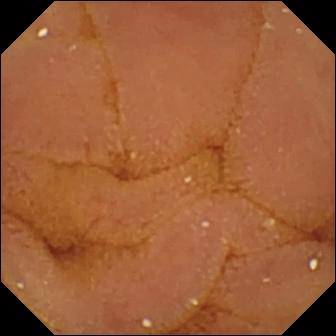Small-bowel capsule endoscopy snapshot of the small bowel showing normal clean mucosa.